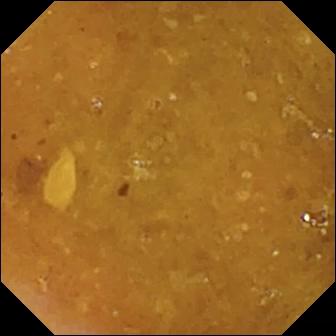Wireless capsule endoscopy — reduced mucosal view (content or bubbles obscuring the mucosa).